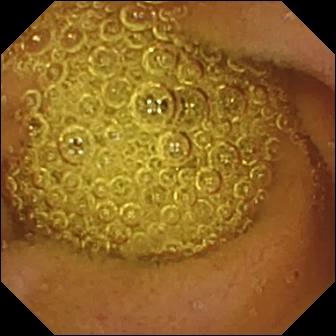PROCEDURE: VCE.
SEGMENT: Small intestine.
FINDINGS: Normal clean mucosa.